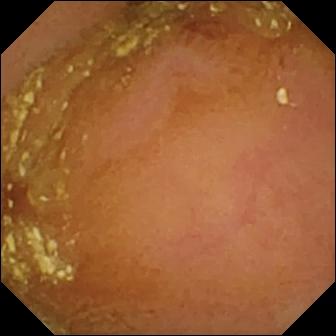Normal clean mucosa — capsule endoscopy snapshot of the small intestine.